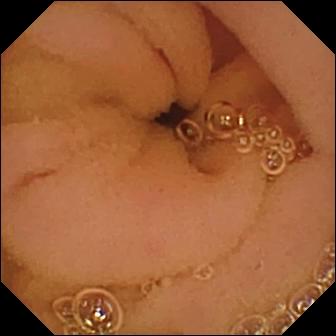PROCEDURE: Wireless capsule endoscopy.
SEGMENT: Small intestine.
FINDINGS: Normal clean mucosa.